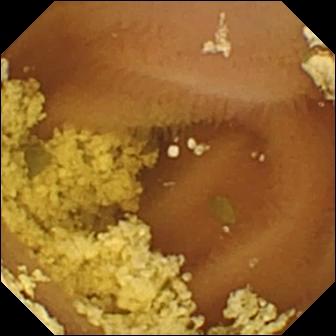Small-bowel capsule endoscopy. Small intestine. Observation: normal clean mucosa.